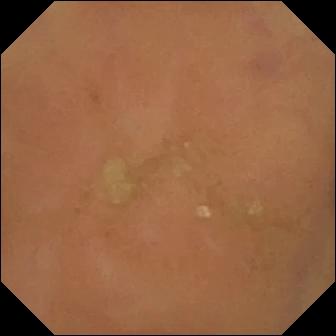Video capsule endoscopy frame showing normal clean mucosa.